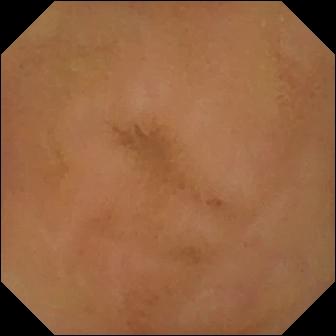modality: small-bowel capsule endoscopy
finding: normal clean mucosa